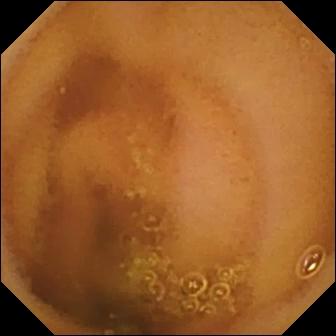{"modality": "video capsule endoscopy", "segment": "small bowel", "finding": "normal clean mucosa"}